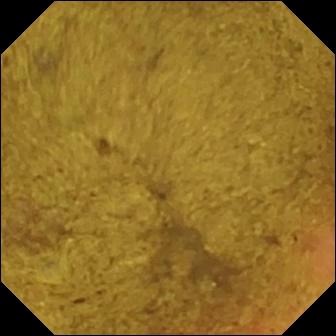Capsule endoscopy view. Taken in the ileo-cecal valve region.